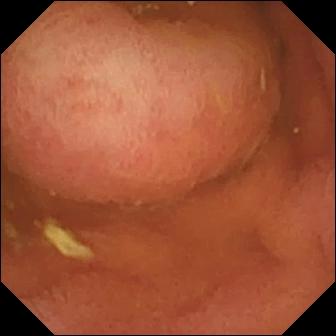- modality: small-bowel capsule endoscopy
- category: anatomical landmark
- position: pylorus region (the junction between the stomach and the small bowel)